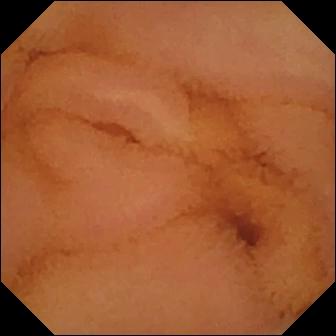VCE frame of the small bowel showing normal clean mucosa.